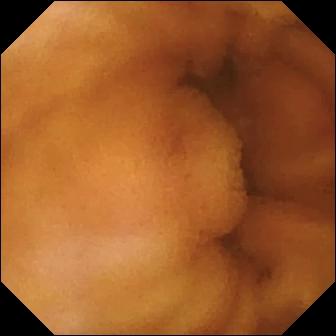Normal clean mucosa — video capsule endoscopy view.